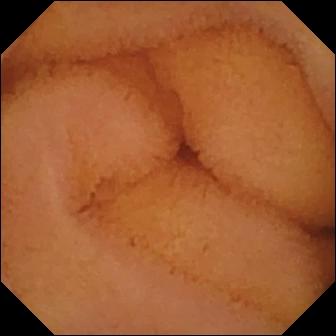PROCEDURE: Capsule endoscopy.
SEGMENT: Small bowel.
FINDINGS: Normal clean mucosa.